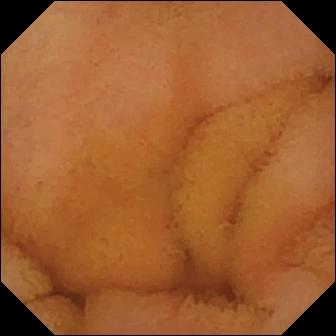{"modality": "video capsule endoscopy", "segment": "small bowel", "finding": "normal clean mucosa"}